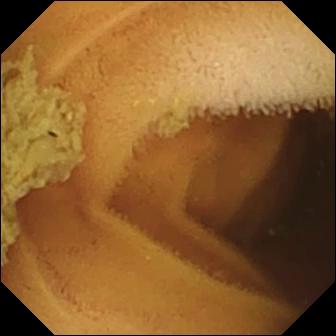WCE — normal clean mucosa.